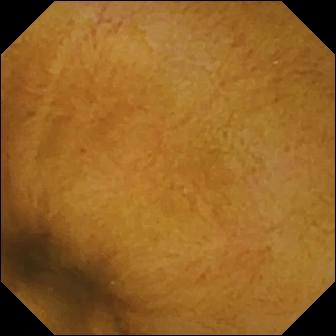Video capsule endoscopy image of the small intestine showing normal clean mucosa.